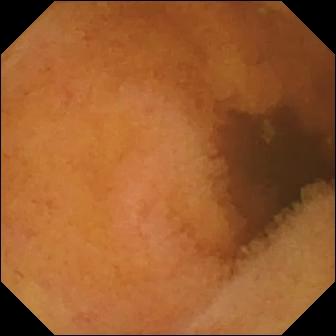{"modality": "capsule endoscopy", "category": "luminal finding", "finding": "normal clean mucosa"}